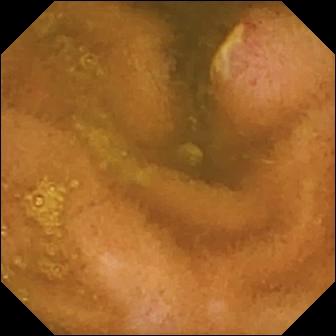WCE still. Ulcer.